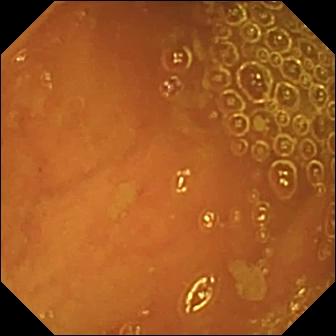Video capsule endoscopy. Label: ileo-cecal valve region (the transition from the small bowel to the large bowel).